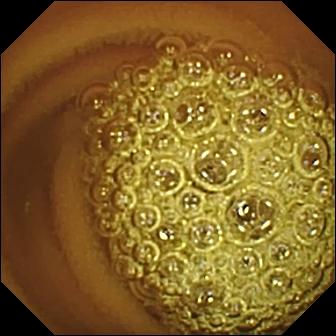Video capsule endoscopy view showing normal clean mucosa.